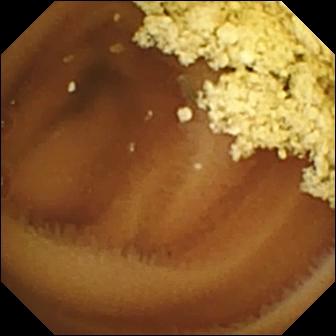WCE frame, small intestine
Finding: normal clean mucosa